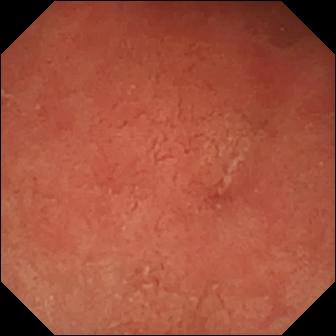Small-bowel capsule endoscopy snapshot. Erosion.